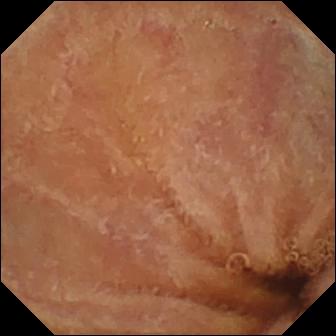Wireless capsule endoscopy snapshot, 336×336. Normal clean mucosa.